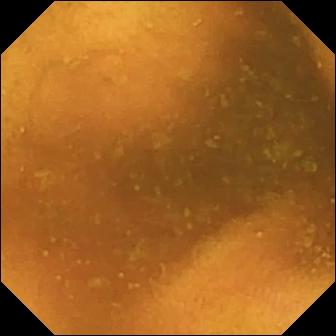modality: capsule endoscopy; label: normal clean mucosa